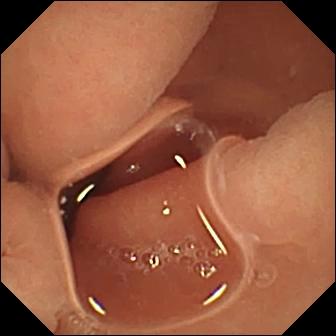Video capsule endoscopy still showing normal clean mucosa.